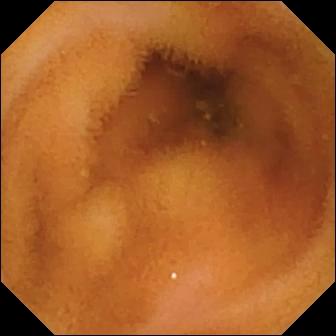Video capsule endoscopy — normal clean mucosa.